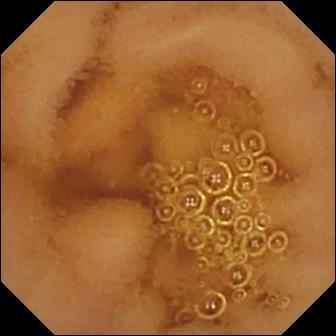Wireless capsule endoscopy. Luminal finding. Label: normal clean mucosa.